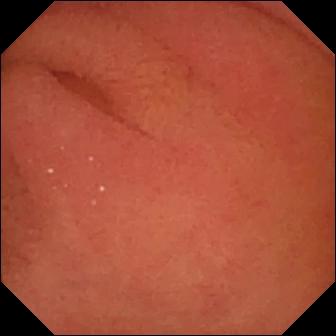Pylorus region (the junction between the stomach and the small bowel).